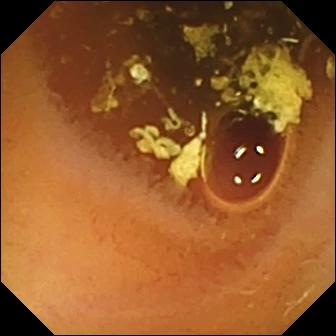WCE still (small intestine), 336×336. Normal clean mucosa.